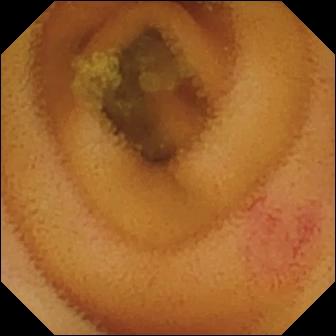This small-bowel capsule endoscopy view shows angiectasia.